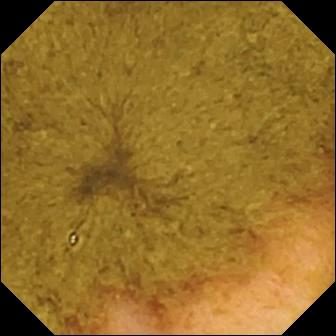Wireless capsule endoscopy image taken in the ileo-cecal valve region (the transition from the small bowel to the large bowel).